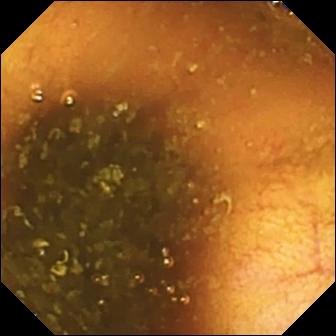- modality: video capsule endoscopy
- location: ileo-cecal valve region (the transition from the small bowel to the large bowel)